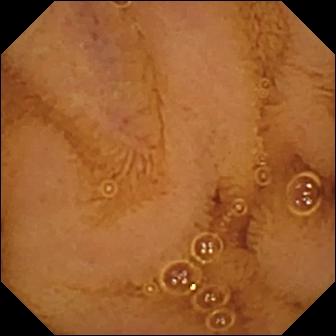This video capsule endoscopy still shows normal clean mucosa.